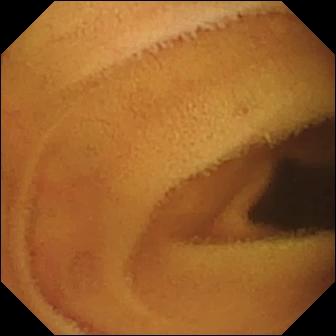VCE frame showing normal clean mucosa.